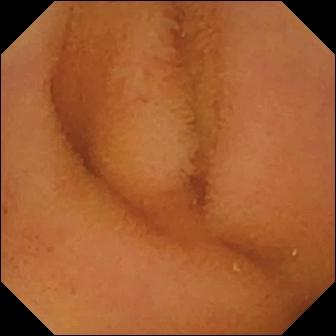This WCE image shows normal clean mucosa.